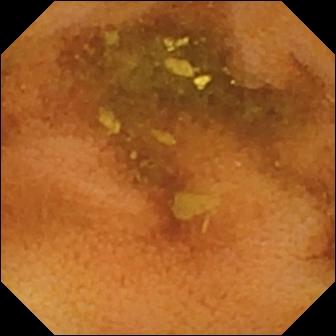Q: What does this video capsule endoscopy image of the small bowel show?
A: Normal clean mucosa.